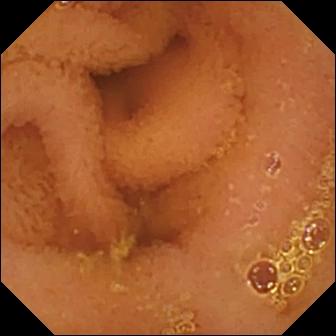Wireless capsule endoscopy still, small bowel
Observation: normal clean mucosa